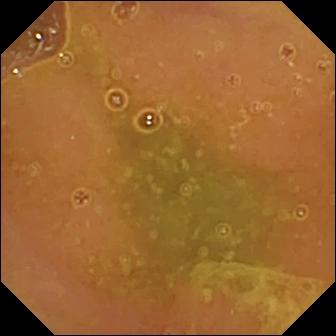PROCEDURE: WCE.
FINDINGS: Normal clean mucosa.